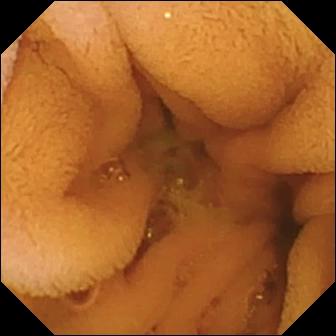- modality: VCE
- category: luminal finding
- finding: normal clean mucosa